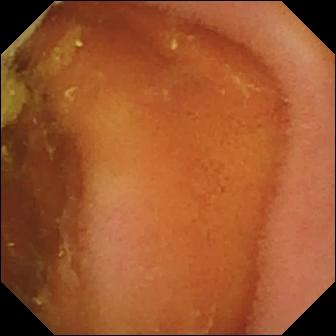Wireless capsule endoscopy — normal clean mucosa.